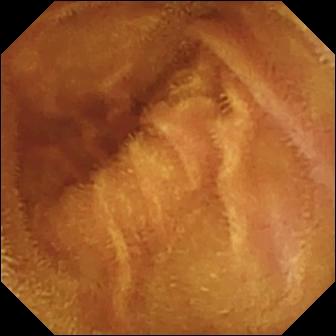This VCE frame of the small bowel shows normal clean mucosa.